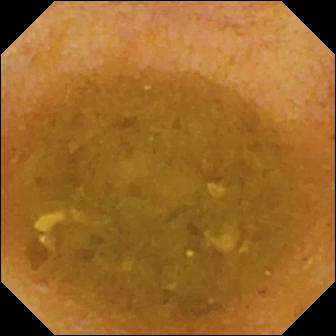Wireless capsule endoscopy snapshot (small bowel). Reduced mucosal view (content or bubbles obscuring the mucosa).